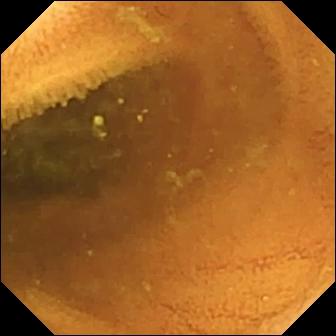modality: WCE; segment: small bowel; category: luminal finding; impression: normal clean mucosa